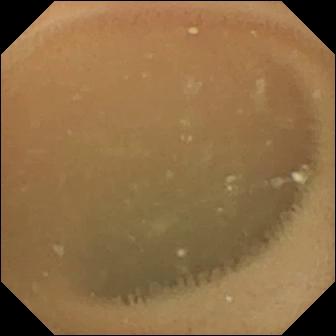Normal clean mucosa — WCE still of the small intestine.